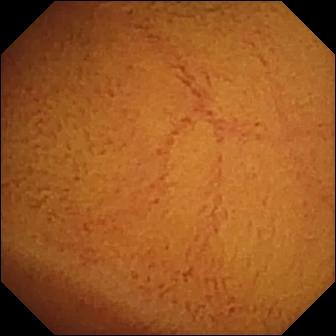PROCEDURE: Video capsule endoscopy.
FINDINGS: Normal clean mucosa.